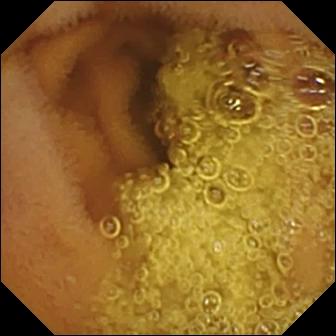modality: small-bowel capsule endoscopy
category: luminal finding
impression: normal clean mucosa